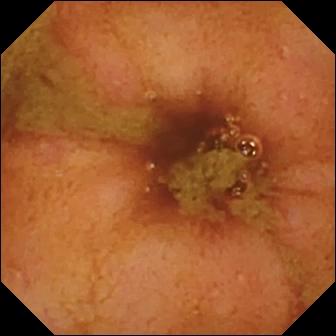Video capsule endoscopy view
Label: ileo-cecal valve region